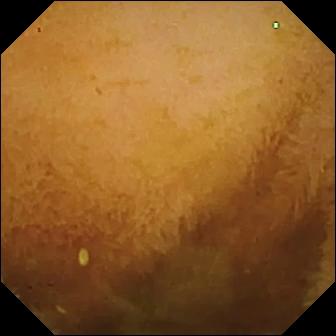VCE still showing normal clean mucosa.